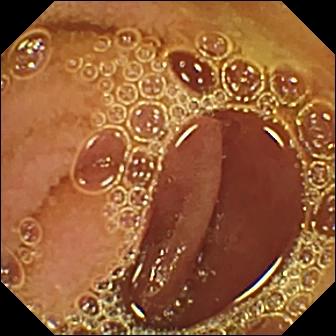Small-bowel capsule endoscopy view, 336×336. Normal clean mucosa.